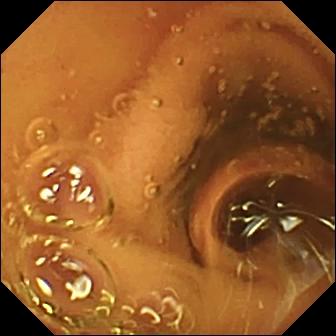VCE — normal clean mucosa.